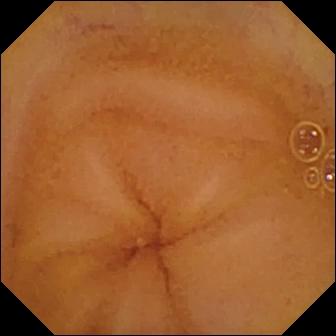PROCEDURE: VCE.
FINDINGS: Normal clean mucosa.